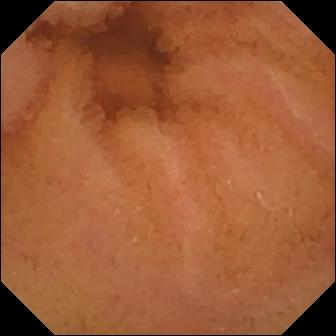Video capsule endoscopy still
Impression: normal clean mucosa